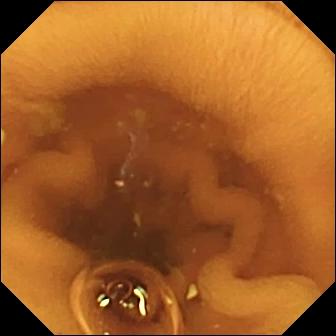- modality: video capsule endoscopy
- impression: normal clean mucosa